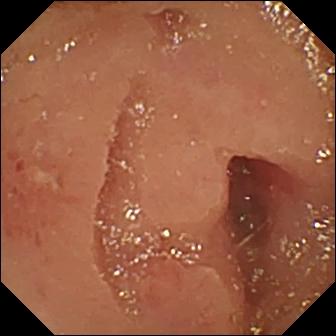PROCEDURE: VCE.
FINDINGS: Erosion.